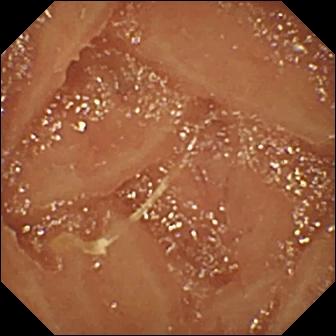- modality: wireless capsule endoscopy
- segment: small intestine
- finding: normal clean mucosa